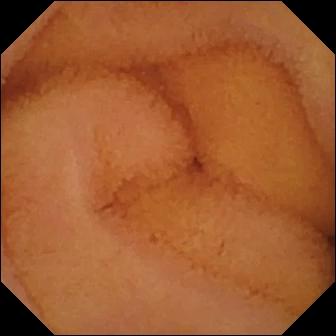{"modality": "WCE", "finding": "normal clean mucosa"}